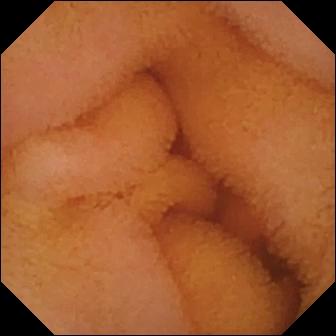Small-bowel capsule endoscopy snapshot, small intestine
Impression: normal clean mucosa